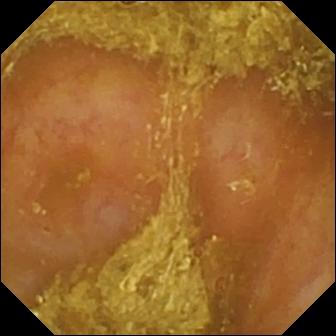PROCEDURE: Capsule endoscopy.
SEGMENT: Small intestine.
FINDINGS: Reduced mucosal view (content or bubbles obscuring the mucosa).